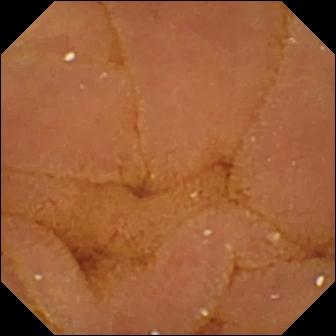- modality: wireless capsule endoscopy
- segment: small intestine
- label: normal clean mucosa